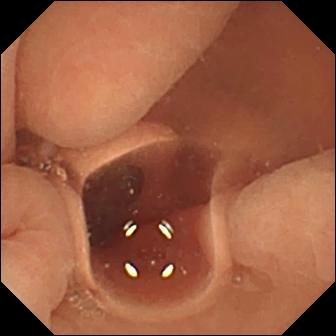Normal clean mucosa — VCE image.